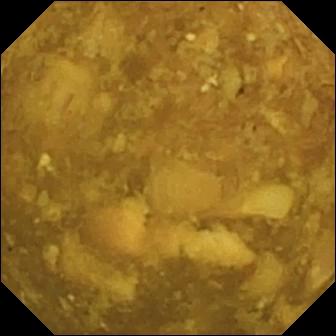{"modality": "wireless capsule endoscopy", "segment": "small bowel", "finding": "reduced mucosal view (content or bubbles obscuring the mucosa)"}